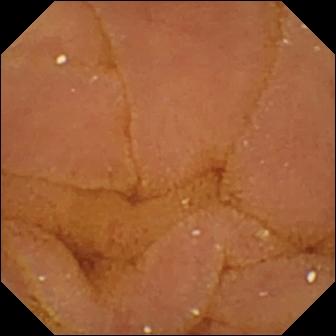modality: capsule endoscopy; segment: small intestine; impression: normal clean mucosa